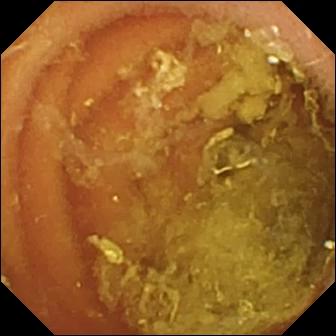Capsule endoscopy frame, small bowel
Observation: normal clean mucosa